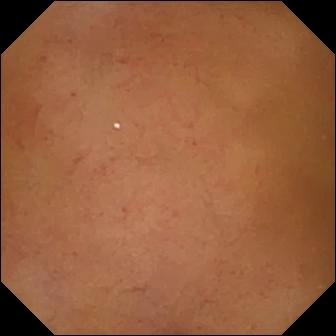{"modality": "small-bowel capsule endoscopy", "segment": "small intestine", "finding": "normal clean mucosa"}